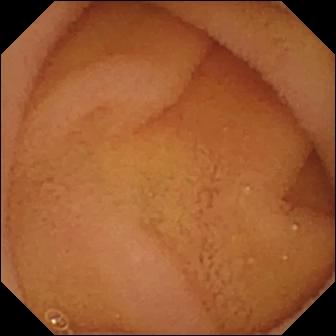This video capsule endoscopy frame shows normal clean mucosa.